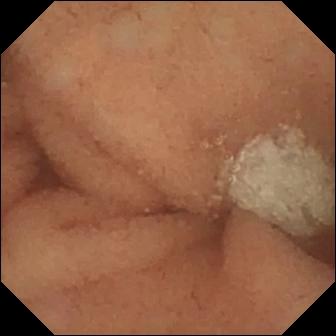WCE image of the small intestine showing normal clean mucosa.